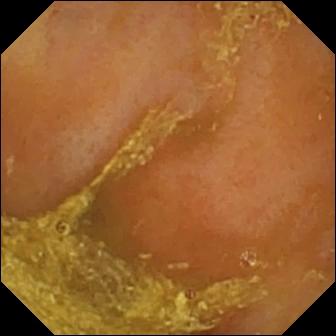Q: What does this VCE still of the small bowel show?
A: Reduced mucosal view (content or bubbles obscuring the mucosa).